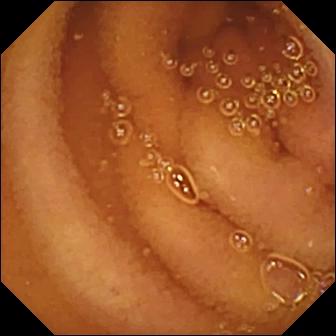WCE frame showing normal clean mucosa.